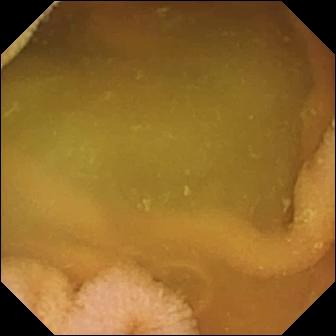WCE image showing normal clean mucosa.